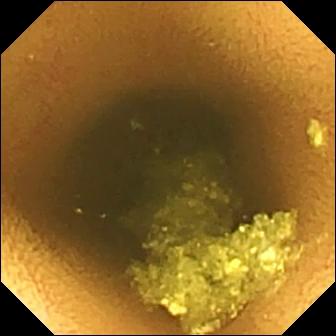Capsule endoscopy still of the small intestine showing normal clean mucosa.